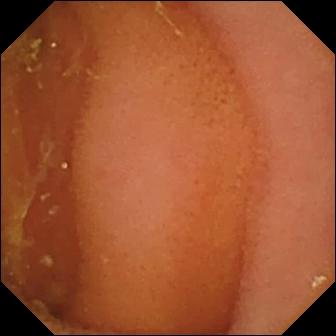Q: What does this wireless capsule endoscopy still of the small bowel show?
A: Normal clean mucosa.